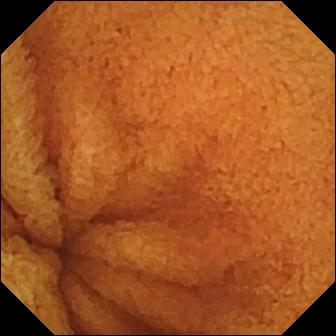This video capsule endoscopy image of the small bowel shows normal clean mucosa.